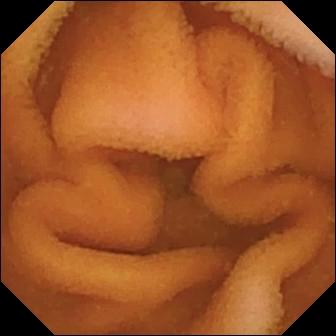Video capsule endoscopy. Luminal finding. Label: normal clean mucosa.